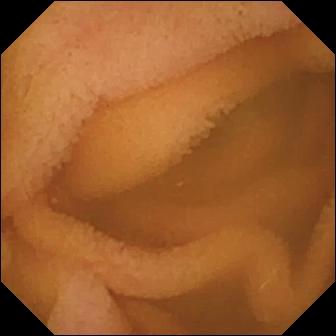Small-bowel capsule endoscopy. Label: normal clean mucosa.